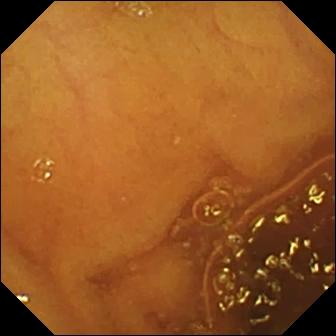{"modality": "video capsule endoscopy", "segment": "small bowel", "finding": "normal clean mucosa"}